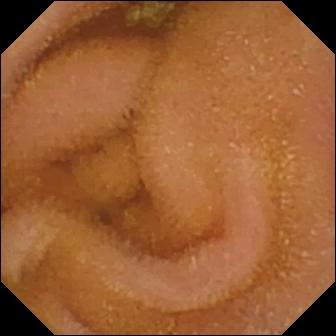Normal clean mucosa — small-bowel capsule endoscopy frame of the small bowel.